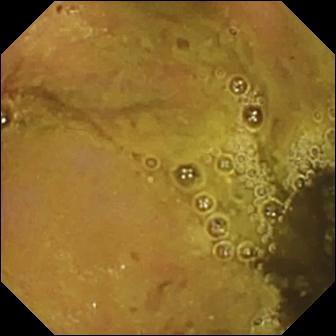Ileo-cecal valve region (the transition from the small bowel to the large bowel).